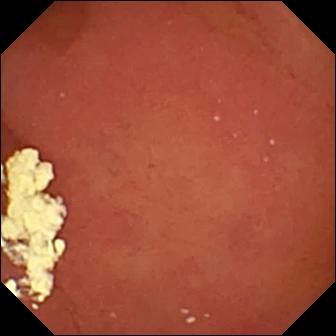Wireless capsule endoscopy snapshot taken in the pylorus region (where the capsule passes from the stomach into the small bowel).